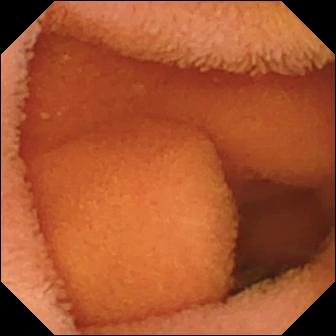{"modality": "video capsule endoscopy", "segment": "small bowel", "category": "luminal finding", "finding": "normal clean mucosa"}